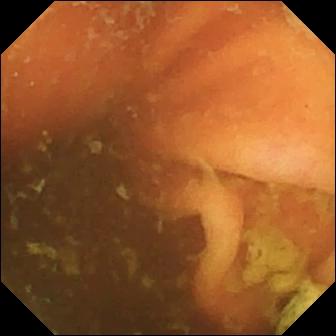modality: video capsule endoscopy; category: anatomical landmark; location: ileo-cecal valve region